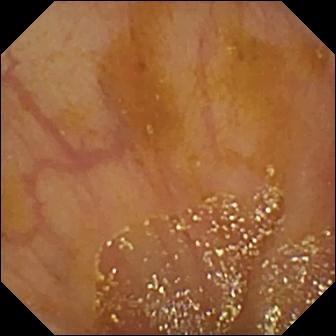Ileo-cecal valve region (the transition from the small bowel to the large bowel).